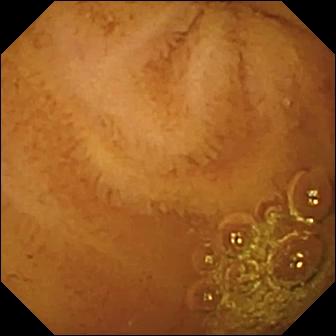WCE still showing normal clean mucosa.